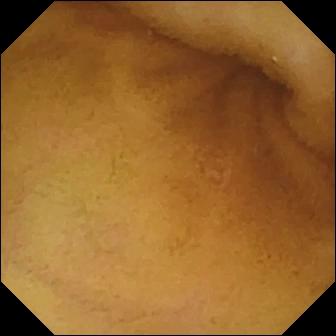WCE — normal clean mucosa.